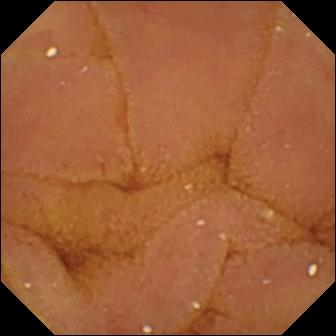{"modality": "wireless capsule endoscopy", "finding": "normal clean mucosa"}